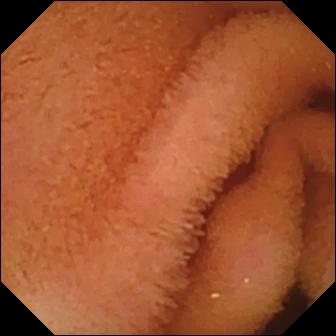WCE. Small intestine. Label: normal clean mucosa.